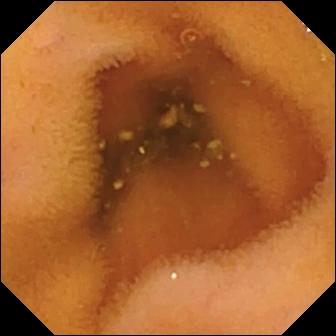Q: What does this small-bowel capsule endoscopy frame show?
A: Normal clean mucosa.